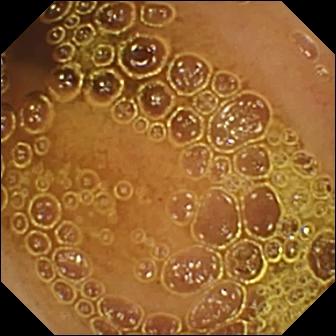- modality: VCE
- category: luminal finding
- observation: normal clean mucosa